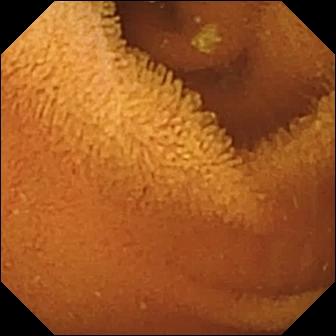This WCE image shows normal clean mucosa.